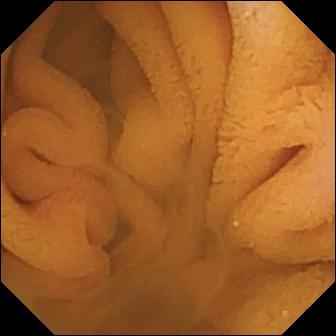VCE view, small intestine
Finding: normal clean mucosa